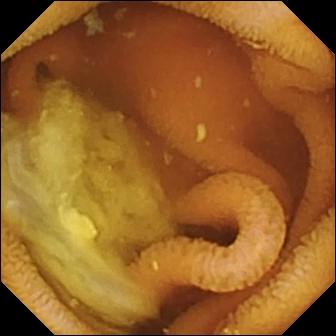PROCEDURE: VCE.
SEGMENT: Small bowel.
FINDINGS: Normal clean mucosa.